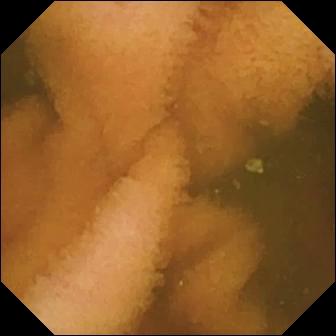Normal clean mucosa.